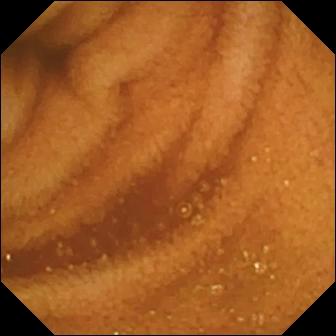modality: small-bowel capsule endoscopy; segment: small bowel; impression: normal clean mucosa